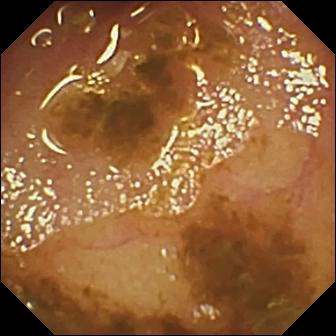WCE. Location: ileo-cecal valve region (the transition from the small bowel to the large bowel).